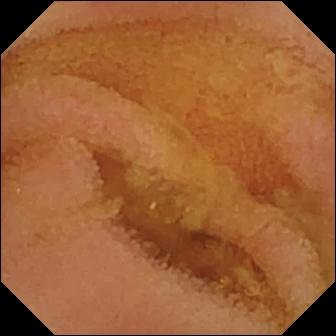PROCEDURE: VCE.
SEGMENT: Small bowel.
FINDINGS: Normal clean mucosa.